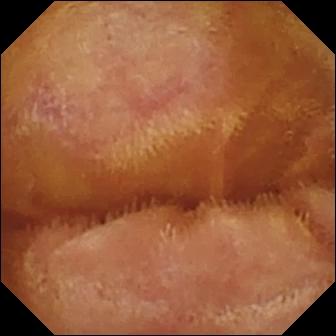WCE frame of the small intestine showing normal clean mucosa.